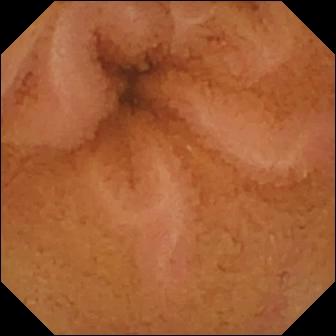WCE — normal clean mucosa.